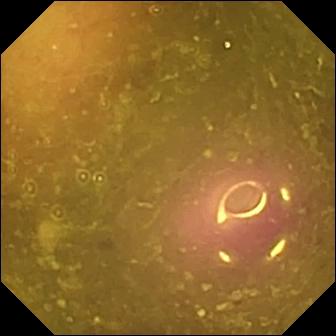WCE still of the small bowel showing reduced mucosal view (content or bubbles obscuring the mucosa).